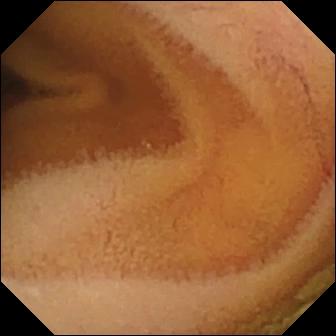Capsule endoscopy image
Observation: normal clean mucosa